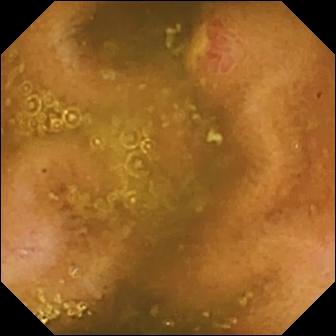modality: VCE | impression: ulcer